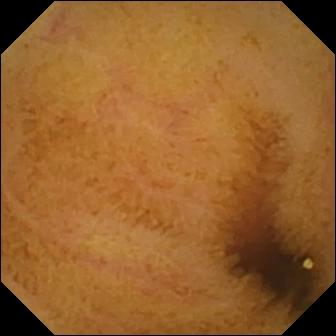Normal clean mucosa.